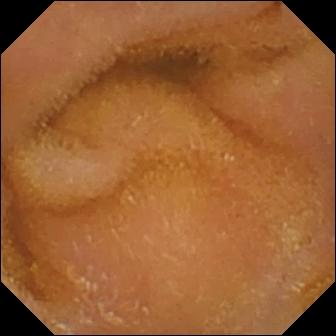Normal clean mucosa — capsule endoscopy snapshot.